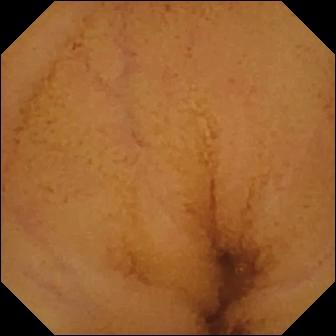Video capsule endoscopy — normal clean mucosa.